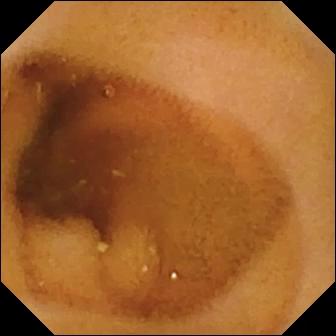{"modality": "video capsule endoscopy", "segment": "small intestine", "finding": "normal clean mucosa"}